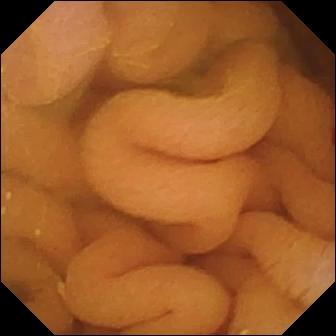Capsule endoscopy. Label: normal clean mucosa.